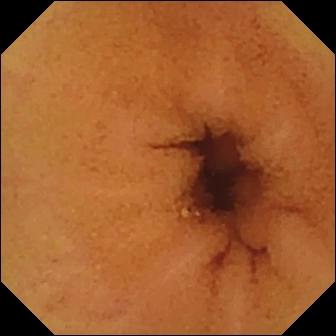This capsule endoscopy snapshot of the small bowel shows normal clean mucosa.